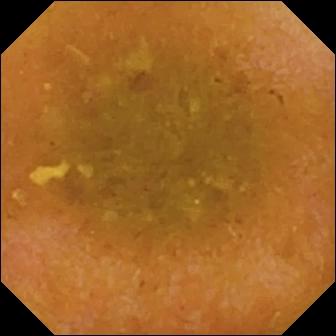Reduced mucosal view (content or bubbles obscuring the mucosa) — small-bowel capsule endoscopy snapshot of the small intestine.